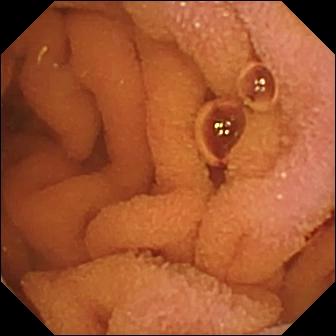modality: video capsule endoscopy; category: luminal finding; label: normal clean mucosa